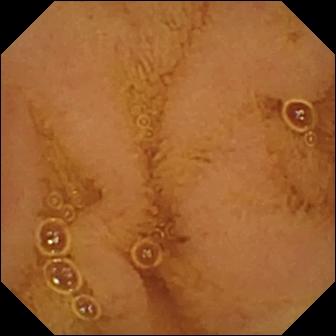VCE. Finding: normal clean mucosa.